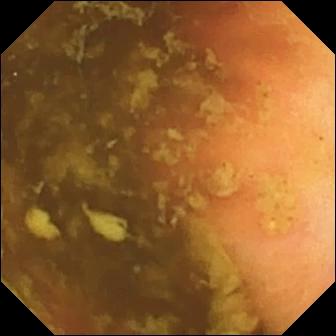VCE still taken in the ileo-cecal valve region.